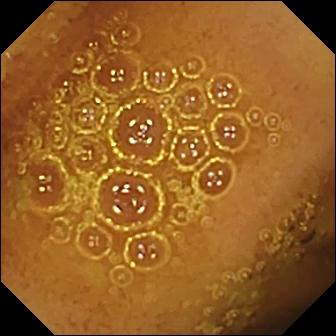Q: What does this WCE image of the small bowel show?
A: Normal clean mucosa.